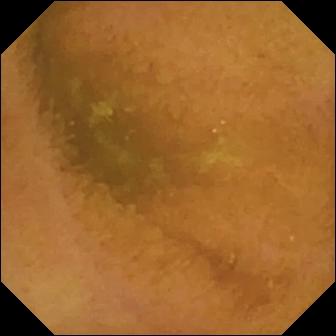This capsule endoscopy still shows normal clean mucosa.